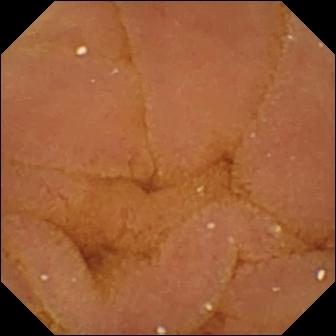Q: What does this VCE still of the small intestine show?
A: Normal clean mucosa.